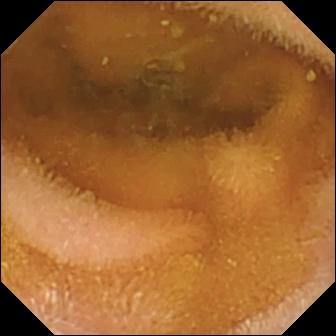Wireless capsule endoscopy frame showing normal clean mucosa.